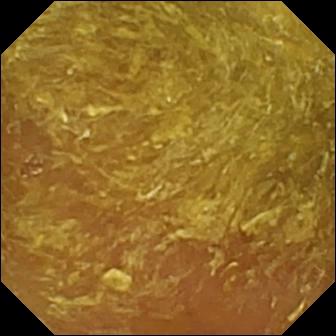Reduced mucosal view (content or bubbles obscuring the mucosa) — WCE image of the small bowel.